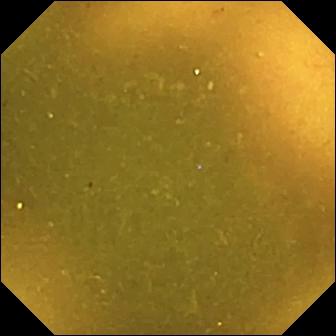WCE. Near an anatomical landmark. Location: ileo-cecal valve region.